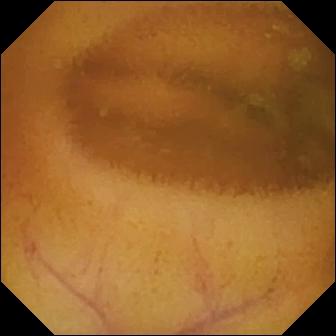Q: What does this small-bowel capsule endoscopy snapshot show?
A: Normal clean mucosa.